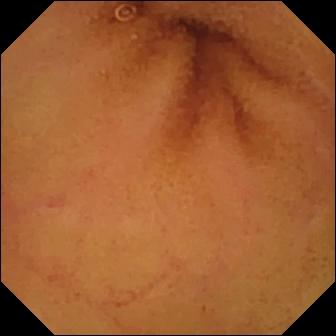Normal clean mucosa — video capsule endoscopy frame.